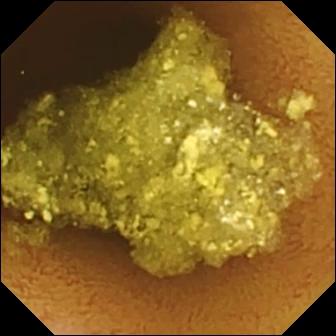Q: What does this capsule endoscopy still show?
A: Normal clean mucosa.